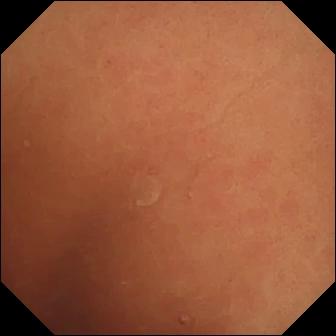- modality: VCE
- finding: normal clean mucosa